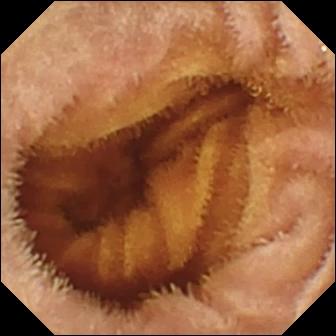PROCEDURE: Video capsule endoscopy.
FINDINGS: Normal clean mucosa.